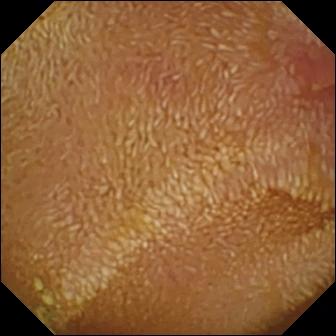Erosion (336×336).